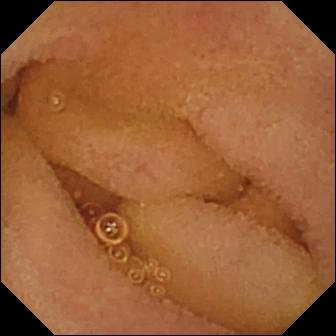- modality: WCE
- impression: normal clean mucosa